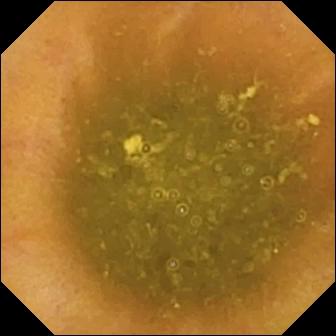Ileo-cecal valve region (where the capsule passes from the small bowel into the large bowel), 336×336.